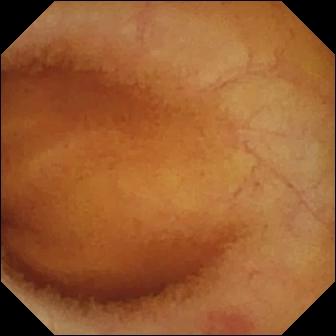modality: small-bowel capsule endoscopy
impression: angiectasia